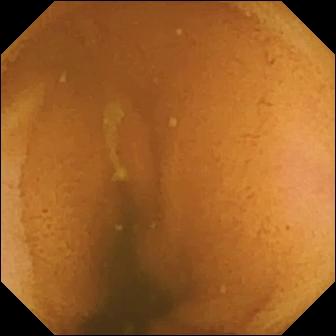{"modality": "wireless capsule endoscopy", "finding": "normal clean mucosa"}